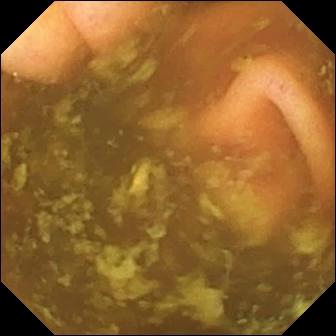Wireless capsule endoscopy image
Label: ileo-cecal valve region (the transition from the small bowel to the large bowel)